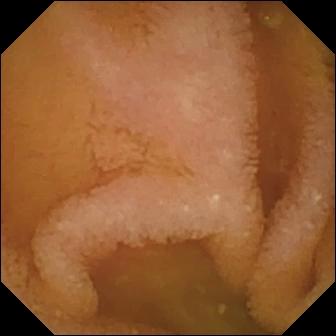PROCEDURE: Small-bowel capsule endoscopy.
FINDINGS: Normal clean mucosa.